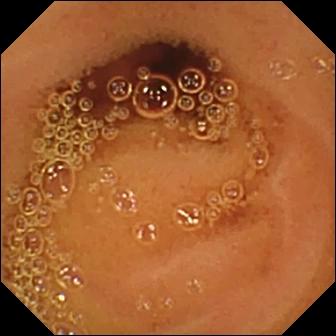modality: small-bowel capsule endoscopy; segment: small intestine; impression: normal clean mucosa